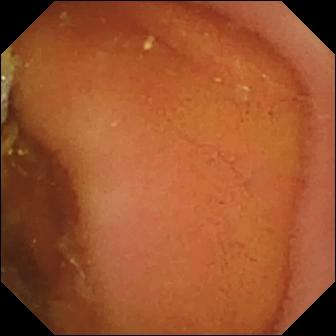{"modality": "capsule endoscopy", "segment": "small bowel", "finding": "normal clean mucosa"}